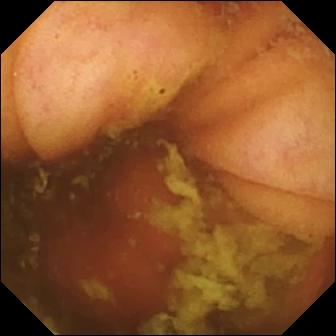Ileo-cecal valve region — video capsule endoscopy still.